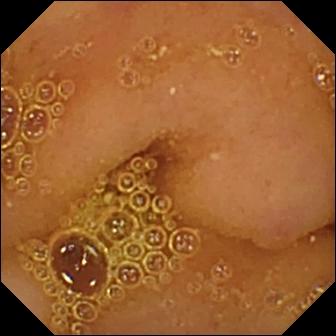PROCEDURE: VCE.
SEGMENT: Small intestine.
FINDINGS: Normal clean mucosa.